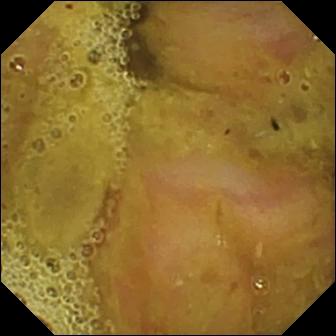- modality: VCE
- category: anatomical landmark
- position: ileo-cecal valve region